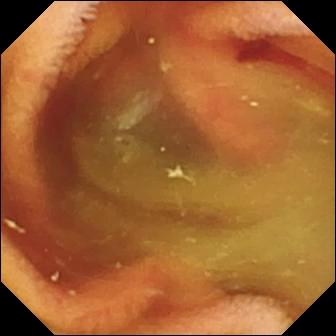This wireless capsule endoscopy still shows fresh blood in the lumen.